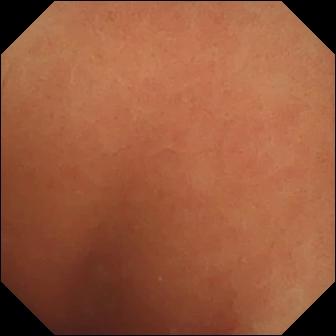Video capsule endoscopy still showing normal clean mucosa.